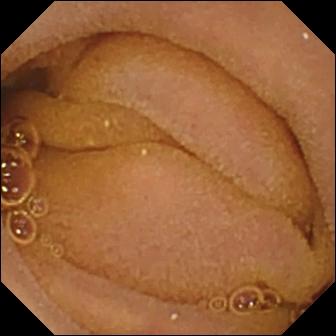This WCE frame shows normal clean mucosa.